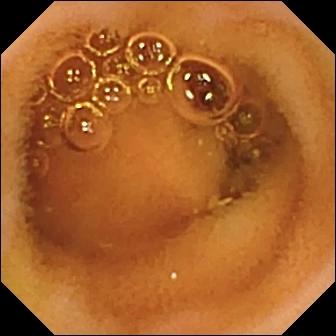Capsule endoscopy frame showing normal clean mucosa.